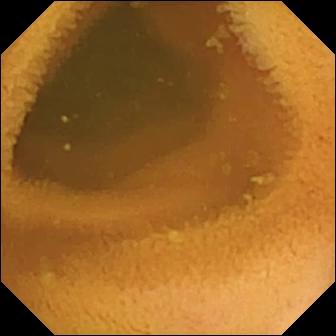PROCEDURE: WCE.
SEGMENT: Small intestine.
FINDINGS: Normal clean mucosa.